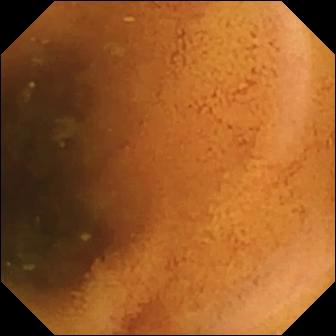Capsule endoscopy still (small bowel). Normal clean mucosa.